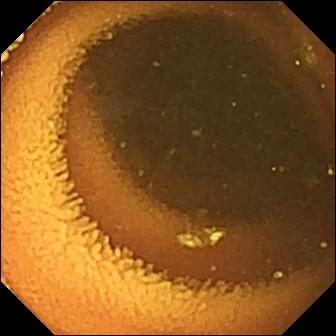Capsule endoscopy. Observation: normal clean mucosa.